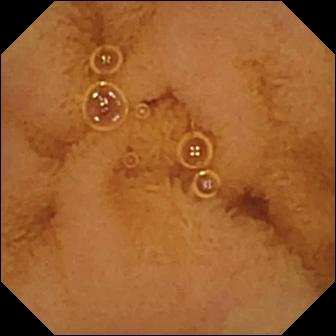PROCEDURE: WCE.
SEGMENT: Small intestine.
FINDINGS: Normal clean mucosa.